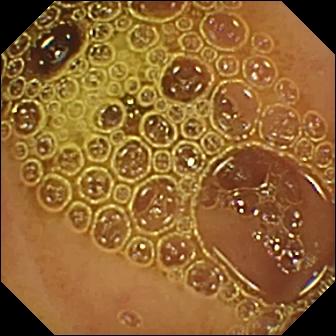Q: What does this WCE image of the small bowel show?
A: Normal clean mucosa.